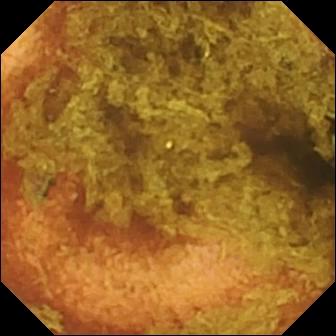- modality: wireless capsule endoscopy
- segment: small bowel
- finding: normal clean mucosa